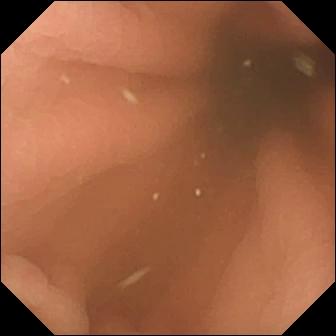This video capsule endoscopy frame was taken in the pylorus region.